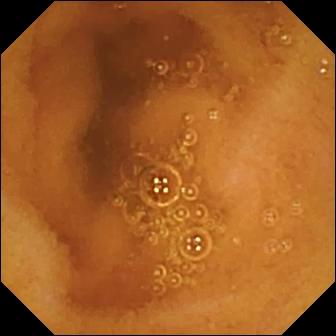Wireless capsule endoscopy still
Observation: normal clean mucosa